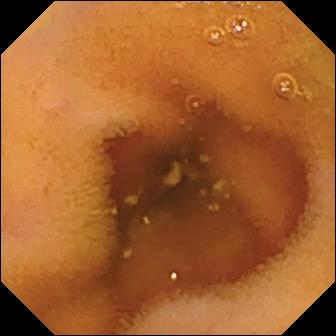Wireless capsule endoscopy still of the small bowel showing normal clean mucosa.